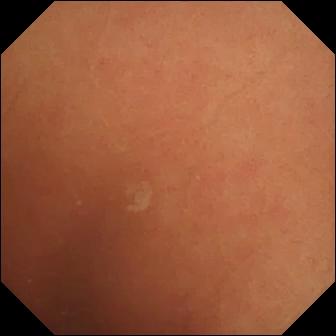Q: What does this VCE image show?
A: Normal clean mucosa.